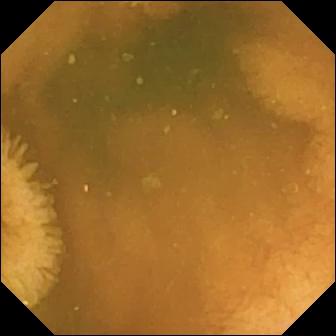Q: What does this capsule endoscopy frame of the small bowel show?
A: Normal clean mucosa.